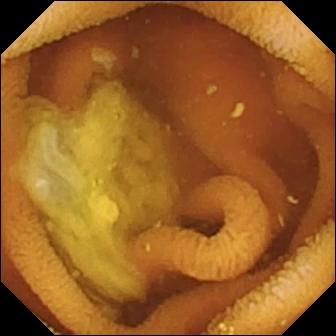Small-bowel capsule endoscopy. Impression: normal clean mucosa.